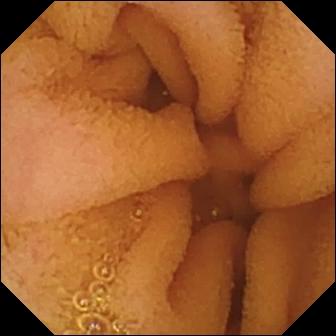Normal clean mucosa (336×336).